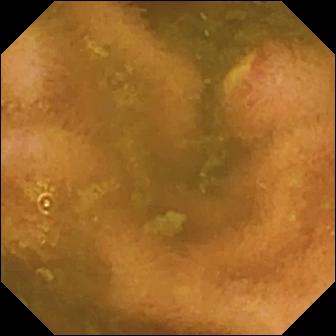Ulcer (336×336).